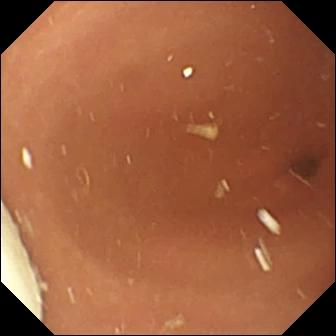modality: wireless capsule endoscopy | finding: foreign body (e.g. retained capsule, tablet residue)